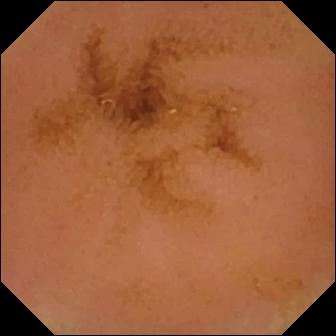Video capsule endoscopy — normal clean mucosa.